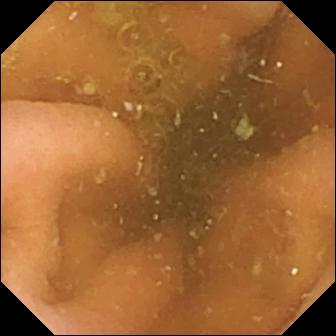VCE image. Taken in the pylorus region (the junction between the stomach and the small bowel).